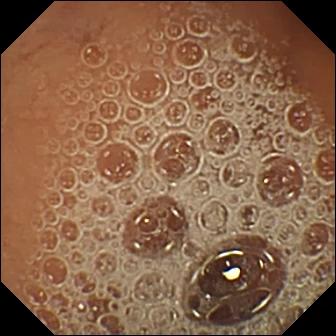This VCE snapshot shows normal clean mucosa.